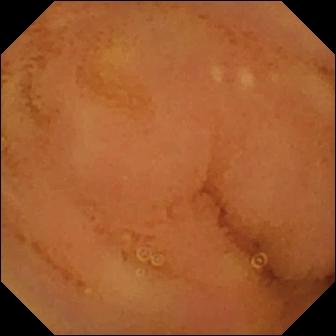PROCEDURE: Video capsule endoscopy.
SEGMENT: Small bowel.
FINDINGS: Normal clean mucosa.